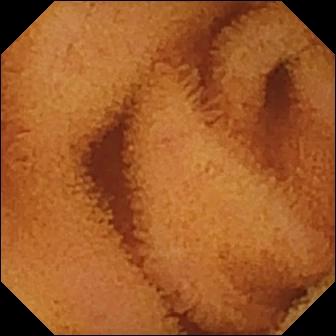PROCEDURE: Video capsule endoscopy.
SEGMENT: Small intestine.
FINDINGS: Normal clean mucosa.